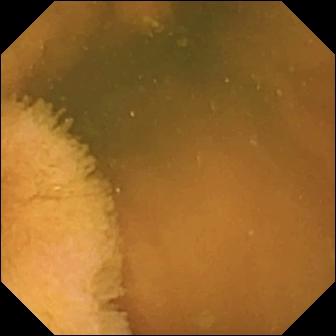- modality: VCE
- label: normal clean mucosa